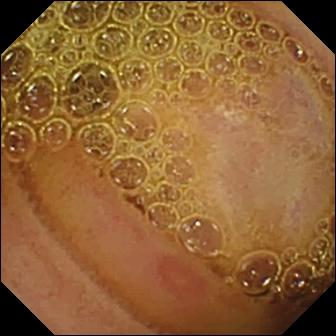Q: What does this wireless capsule endoscopy view show?
A: Erosion.